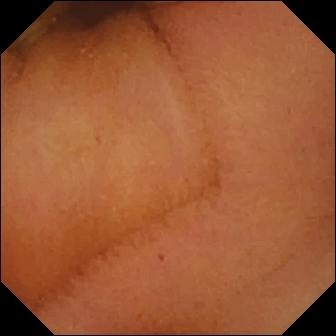- modality: small-bowel capsule endoscopy
- segment: small intestine
- category: luminal finding
- finding: normal clean mucosa